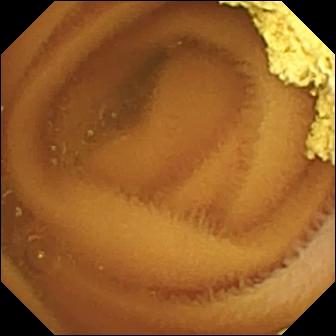PROCEDURE: VCE.
SEGMENT: Small bowel.
FINDINGS: Normal clean mucosa.